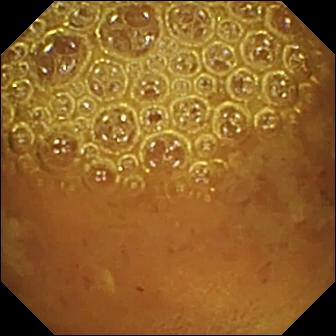- modality: capsule endoscopy
- label: reduced mucosal view (content or bubbles obscuring the mucosa)